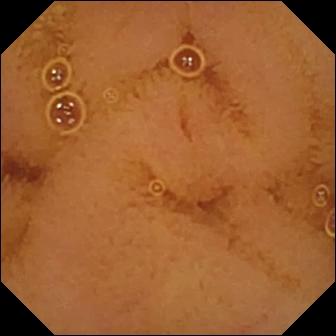PROCEDURE: Wireless capsule endoscopy.
FINDINGS: Normal clean mucosa.